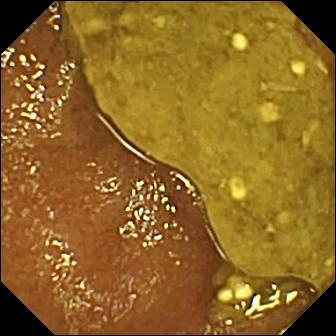Ileo-cecal valve region (where the capsule passes from the small bowel into the large bowel) — wireless capsule endoscopy frame.